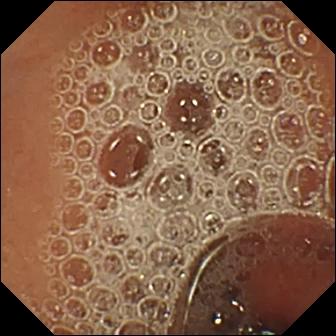modality: VCE; observation: normal clean mucosa